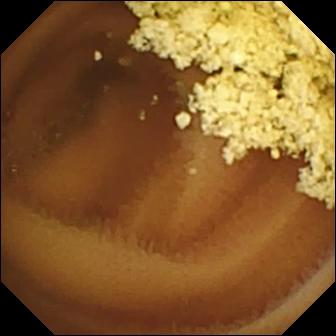Normal clean mucosa.